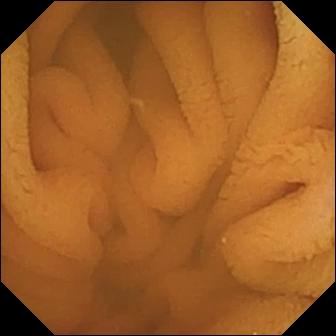Normal clean mucosa.